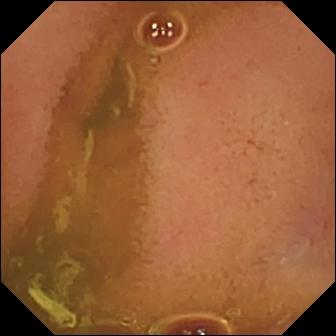VCE. Small bowel. Observation: normal clean mucosa.